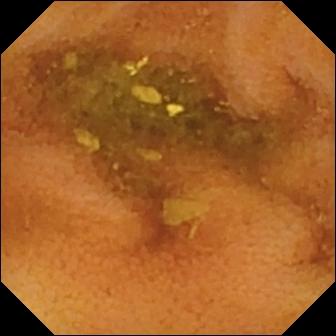WCE frame (small bowel), 336×336. Normal clean mucosa.